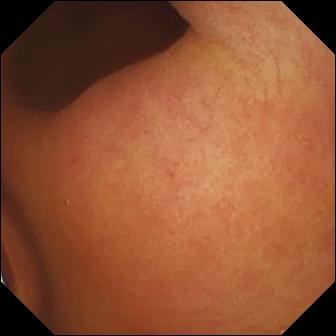Foreign body (e.g. retained capsule, tablet residue) — video capsule endoscopy view.